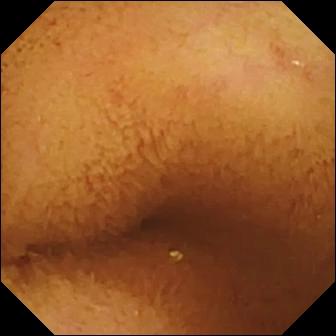PROCEDURE: Video capsule endoscopy.
SEGMENT: Small intestine.
FINDINGS: Normal clean mucosa.